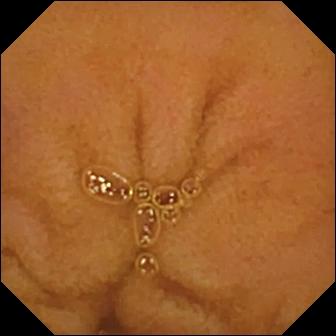Capsule endoscopy — normal clean mucosa.